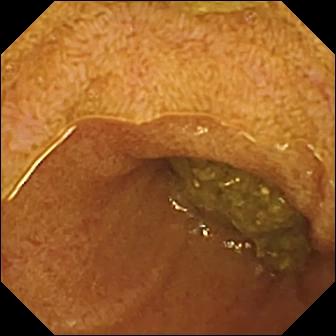PROCEDURE: VCE.
LABEL: Ileo-cecal valve region (where the capsule passes from the small bowel into the large bowel).